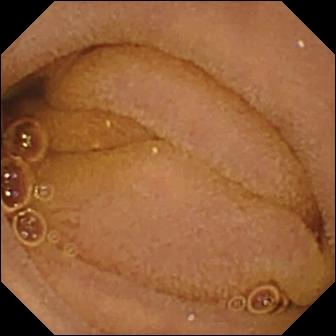Small-bowel capsule endoscopy still. Normal clean mucosa.